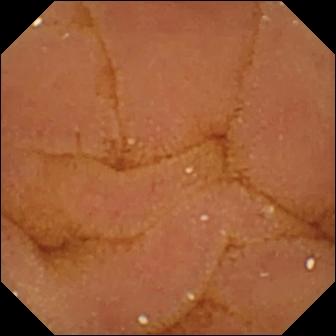This capsule endoscopy snapshot shows normal clean mucosa.